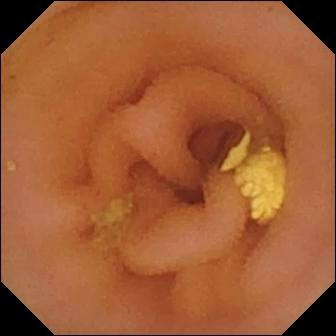Video capsule endoscopy — lymphangiectasia.